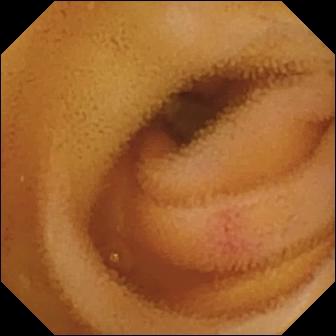{"modality": "video capsule endoscopy", "finding": "angiectasia"}